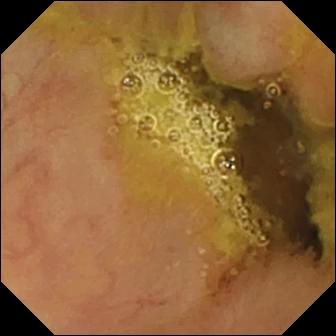modality: wireless capsule endoscopy; video segment: ileo-cecal valve region (where the capsule passes from the small bowel into the large bowel)